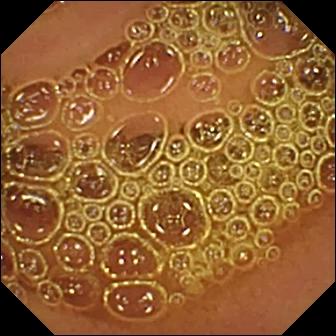Video capsule endoscopy image. Normal clean mucosa.